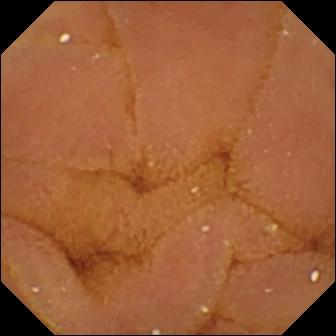VCE. Impression: normal clean mucosa.